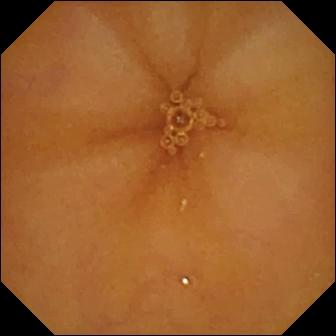VCE — normal clean mucosa.